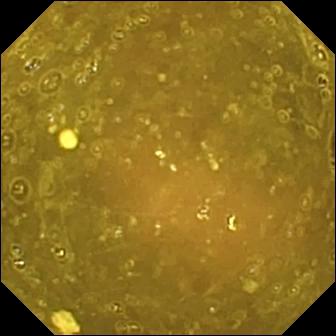Small-bowel capsule endoscopy frame
Video segment: ileo-cecal valve region (the transition from the small bowel to the large bowel)